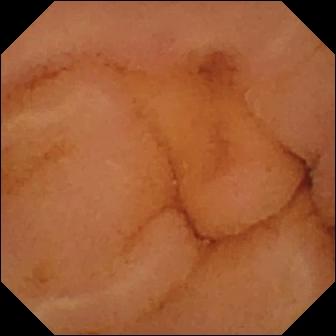This wireless capsule endoscopy view shows normal clean mucosa.